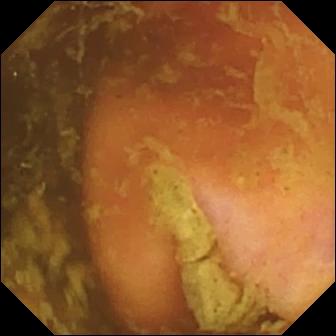PROCEDURE: Small-bowel capsule endoscopy.
LOCATION: Ileo-cecal valve region (the transition from the small bowel to the large bowel).